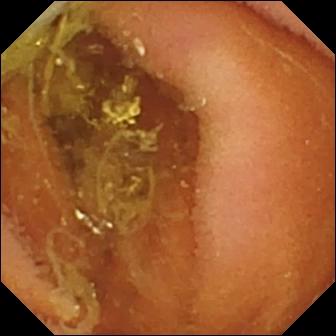Video capsule endoscopy. Small intestine. Luminal finding. Impression: normal clean mucosa.